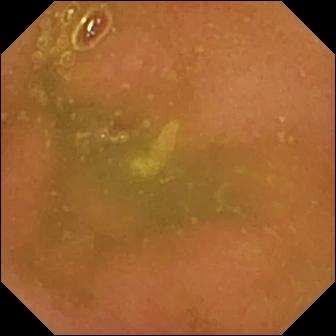{"modality": "WCE", "segment": "small bowel", "finding": "normal clean mucosa"}